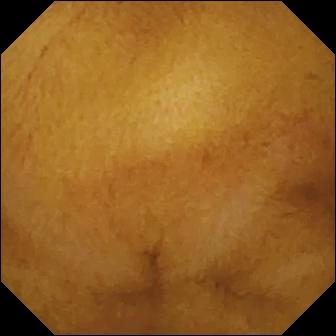- modality: capsule endoscopy
- segment: small bowel
- impression: normal clean mucosa